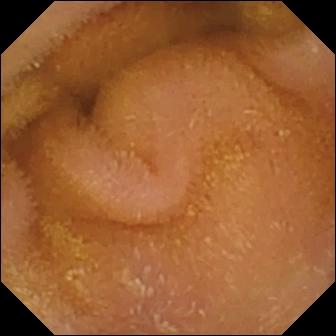- modality: capsule endoscopy
- segment: small bowel
- category: luminal finding
- label: normal clean mucosa